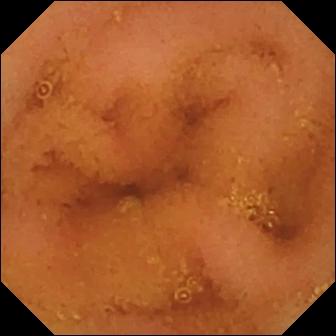- modality: capsule endoscopy
- segment: small bowel
- label: normal clean mucosa